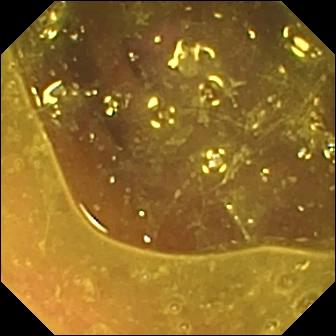VCE — reduced mucosal view (content or bubbles obscuring the mucosa).